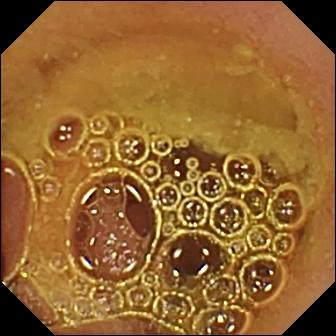WCE snapshot
Observation: normal clean mucosa